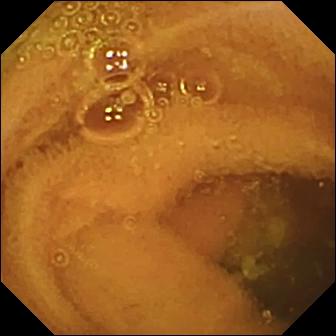PROCEDURE: WCE.
FINDINGS: Normal clean mucosa.